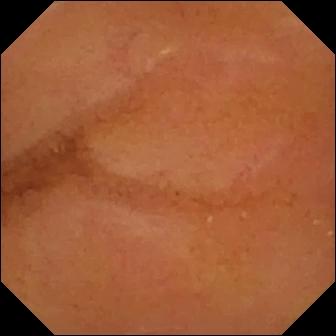- modality: video capsule endoscopy
- segment: small intestine
- category: luminal finding
- label: normal clean mucosa